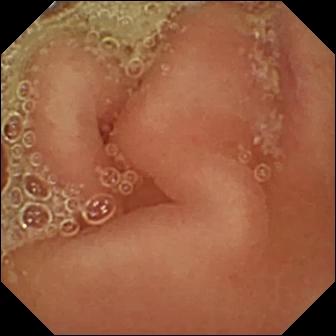Q: Where in the digestive tract was this small-bowel capsule endoscopy frame taken?
A: Pylorus region (the junction between the stomach and the small bowel).